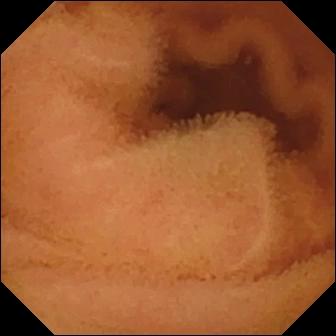- modality: WCE
- category: luminal finding
- finding: normal clean mucosa